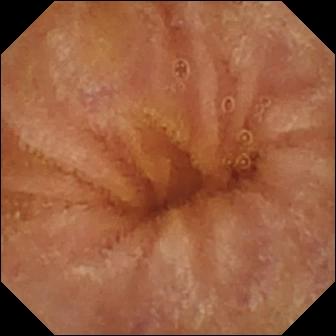{"modality": "small-bowel capsule endoscopy", "finding": "normal clean mucosa"}